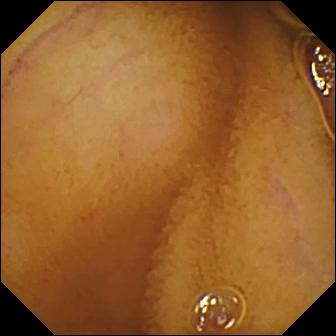Normal clean mucosa.